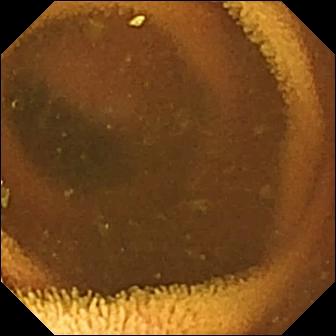Video capsule endoscopy — normal clean mucosa.